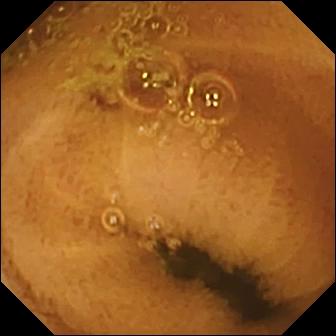VCE frame (small intestine), 336×336. Normal clean mucosa.